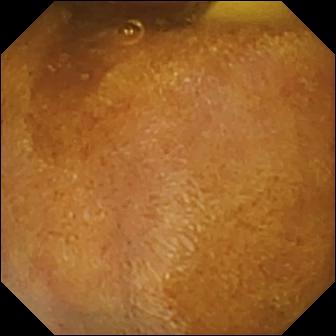Capsule endoscopy. Impression: foreign body (e.g. retained capsule, tablet residue).